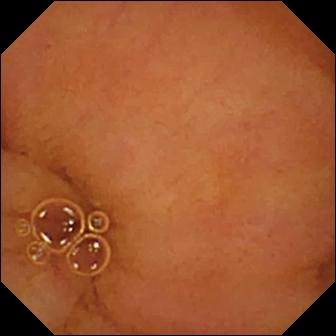{"modality": "WCE", "category": "luminal finding", "finding": "normal clean mucosa"}